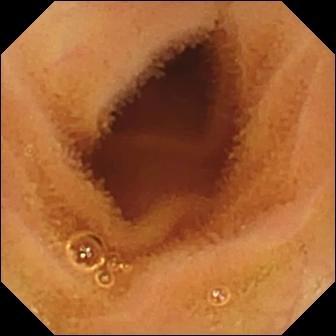Q: What does this video capsule endoscopy view of the small intestine show?
A: Normal clean mucosa.